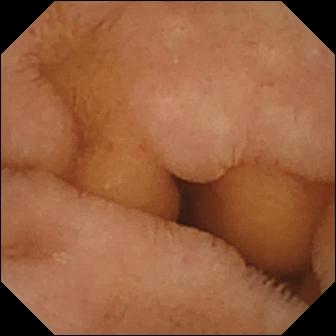This WCE still shows normal clean mucosa.